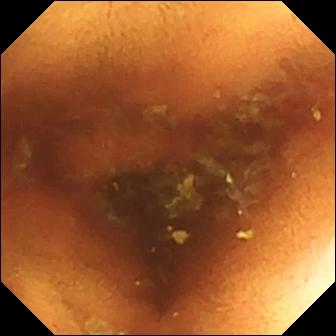- modality: small-bowel capsule endoscopy
- segment: small bowel
- category: luminal finding
- impression: normal clean mucosa